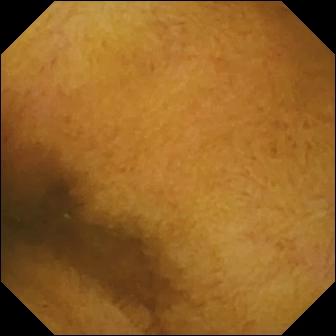Normal clean mucosa.